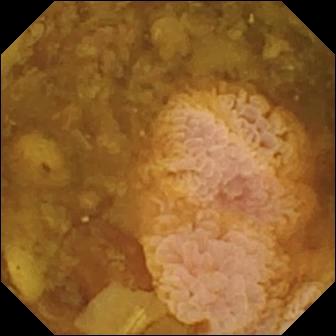Wireless capsule endoscopy still. Reduced mucosal view (content or bubbles obscuring the mucosa).